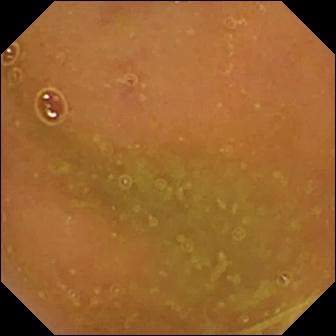Q: What does this VCE snapshot of the small bowel show?
A: Normal clean mucosa.